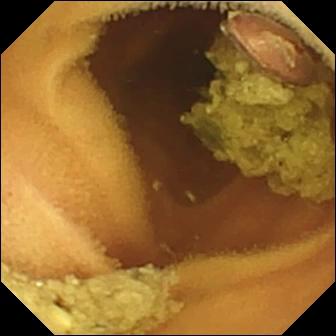Video capsule endoscopy snapshot. Normal clean mucosa.